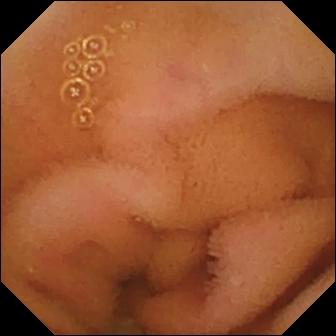WCE. Small intestine. Label: normal clean mucosa.